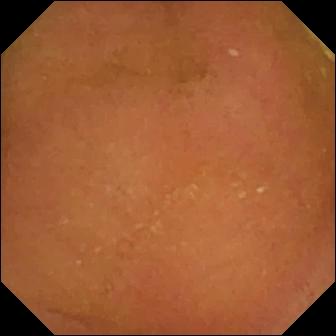This video capsule endoscopy frame shows normal clean mucosa.